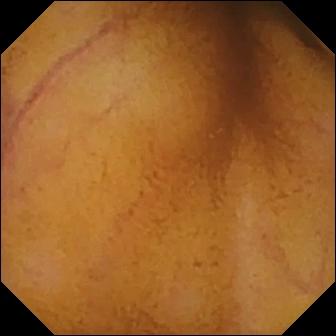Video capsule endoscopy view showing normal clean mucosa.